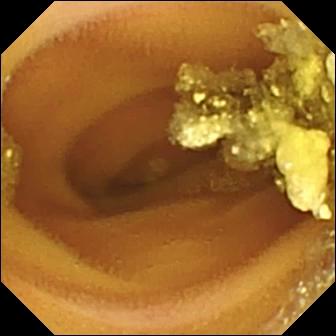WCE snapshot
Impression: lymphangiectasia